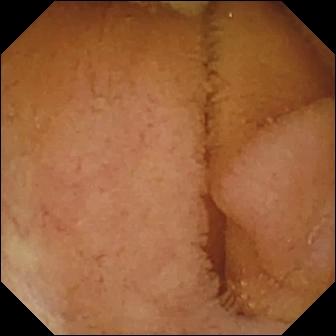Video capsule endoscopy image
Label: normal clean mucosa